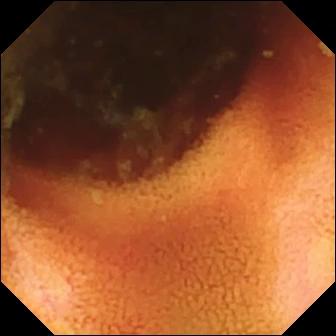VCE — ileo-cecal valve region (where the capsule passes from the small bowel into the large bowel).